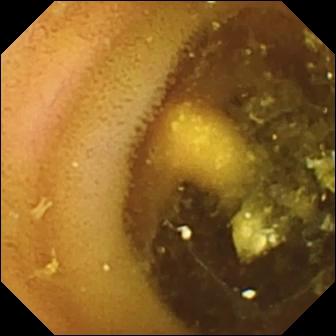{"modality": "wireless capsule endoscopy", "finding": "lymphangiectasia"}